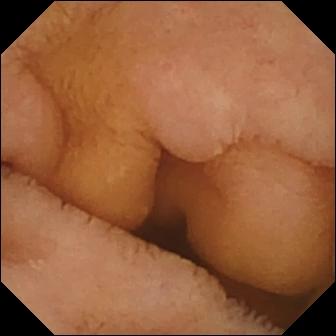PROCEDURE: WCE.
SEGMENT: Small intestine.
FINDINGS: Normal clean mucosa.